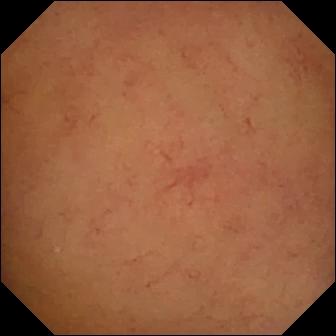Normal clean mucosa.